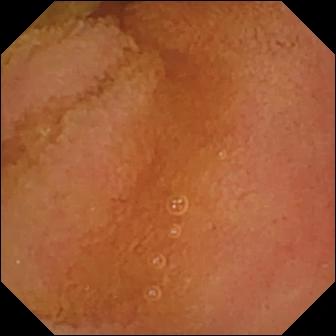Normal clean mucosa — small-bowel capsule endoscopy image.